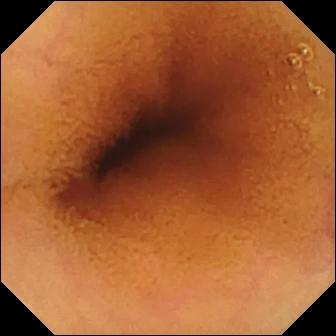Capsule endoscopy. Finding: normal clean mucosa.